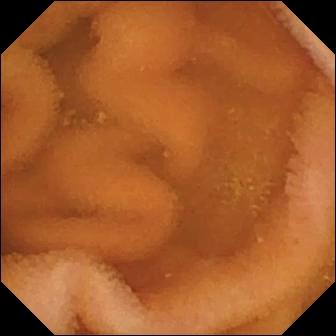Wireless capsule endoscopy. Small intestine. Observation: normal clean mucosa.